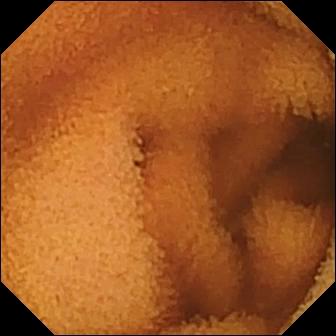Normal clean mucosa.